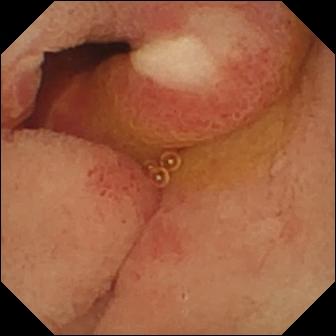- modality: video capsule endoscopy
- observation: ulcer